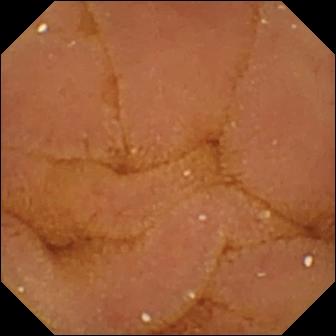Q: What does this VCE frame of the small bowel show?
A: Normal clean mucosa.